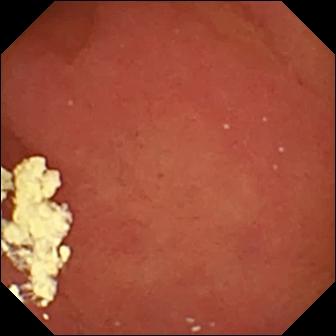Wireless capsule endoscopy snapshot
Position: pylorus region (where the capsule passes from the stomach into the small bowel)